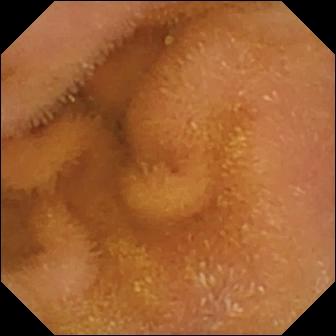- modality: video capsule endoscopy
- finding: normal clean mucosa